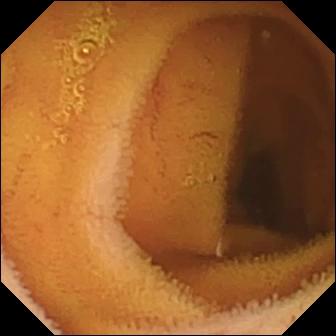- modality: wireless capsule endoscopy
- observation: normal clean mucosa